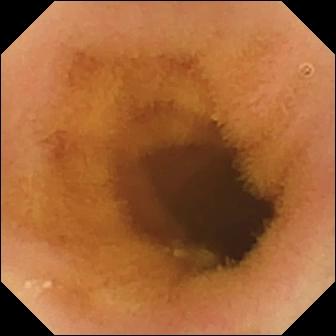WCE — normal clean mucosa.